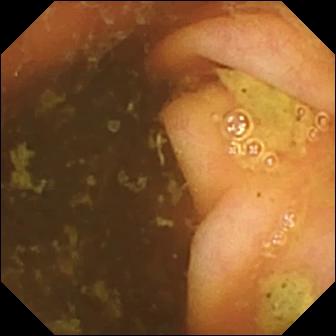VCE image taken in the ileo-cecal valve region.